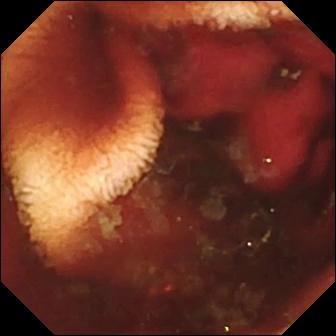WCE. Observation: fresh blood in the lumen.